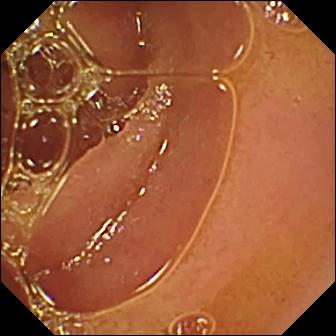modality: wireless capsule endoscopy
finding: normal clean mucosa